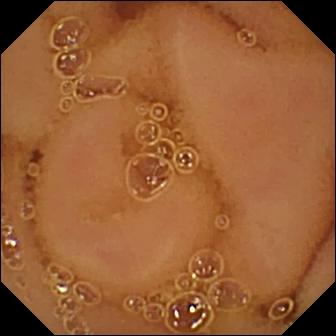{"modality": "capsule endoscopy", "segment": "small intestine", "category": "luminal finding", "finding": "normal clean mucosa"}